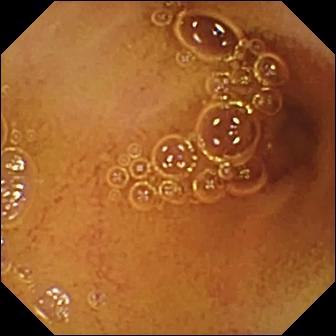This wireless capsule endoscopy still shows normal clean mucosa.